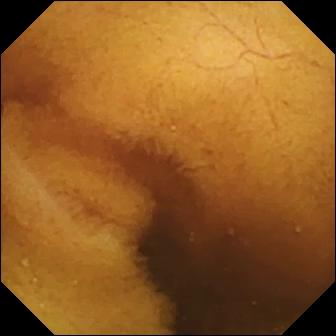This small-bowel capsule endoscopy snapshot shows normal clean mucosa.